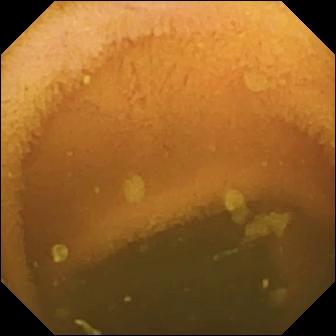PROCEDURE: Wireless capsule endoscopy.
FINDINGS: Normal clean mucosa.